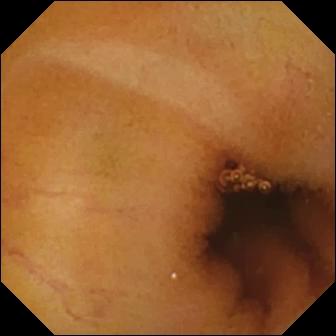Video capsule endoscopy image of the small intestine showing normal clean mucosa.